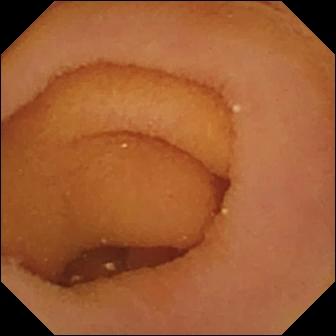Pylorus region — capsule endoscopy still.